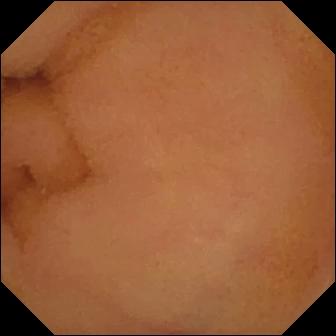- modality: video capsule endoscopy
- finding: normal clean mucosa